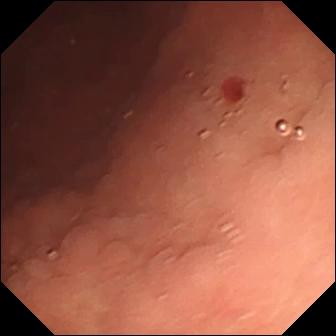{"modality": "video capsule endoscopy", "finding": "angiectasia"}